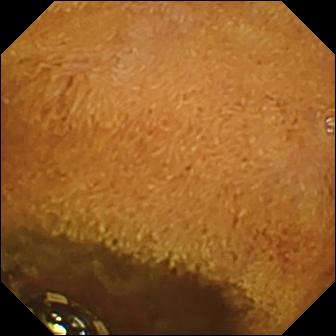Video capsule endoscopy — foreign body (e.g. retained capsule, tablet residue).